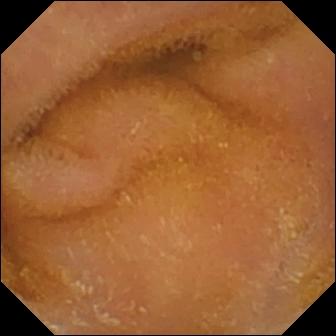VCE — normal clean mucosa.